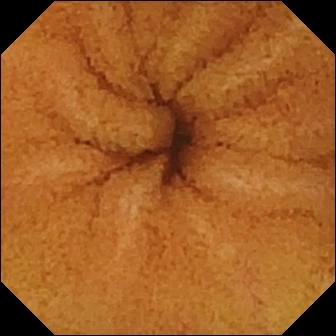Normal clean mucosa.